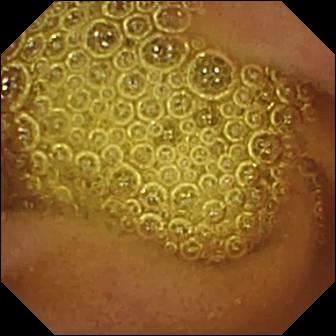Normal clean mucosa — capsule endoscopy image of the small bowel.